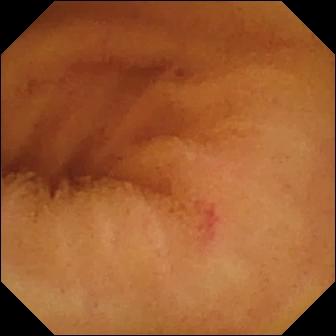VCE view. Angiectasia.